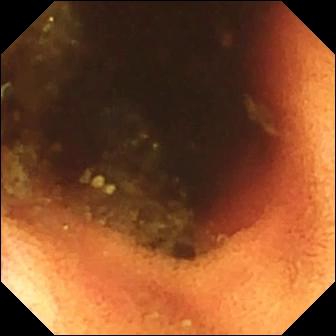WCE snapshot. Taken in the ileo-cecal valve region (the transition from the small bowel to the large bowel).